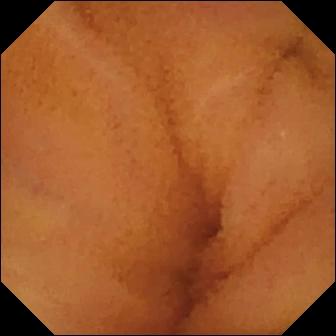This WCE view shows normal clean mucosa.